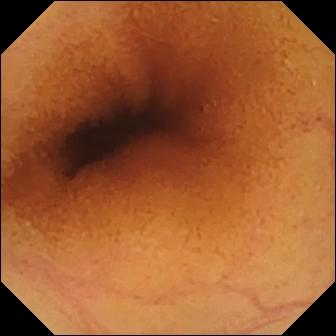Normal clean mucosa — capsule endoscopy view of the small bowel.